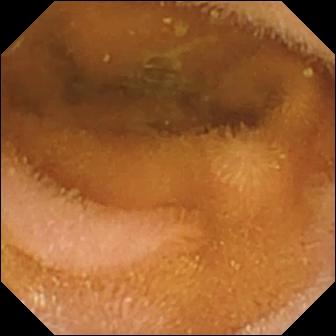This capsule endoscopy image of the small intestine shows normal clean mucosa.